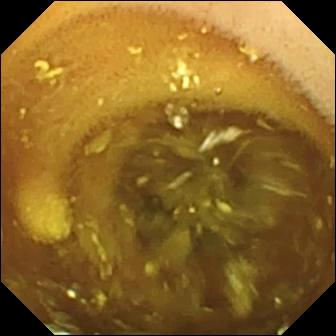Small-bowel capsule endoscopy view. Lymphangiectasia.